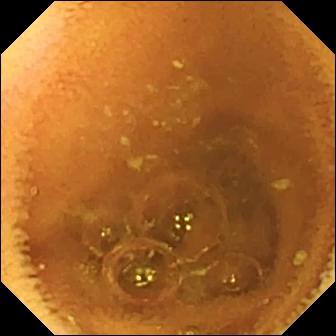This small-bowel capsule endoscopy snapshot shows normal clean mucosa.